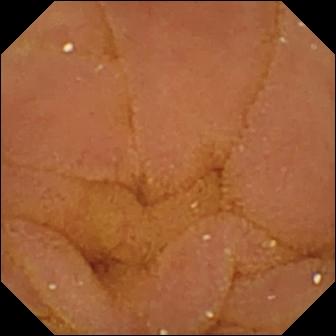Normal clean mucosa — WCE image of the small intestine.